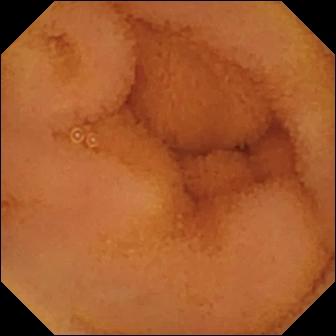Normal clean mucosa — video capsule endoscopy frame.